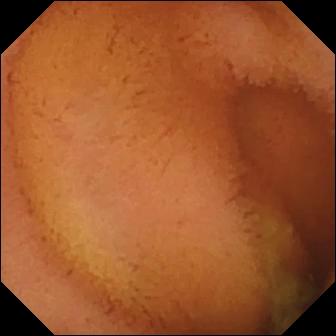modality: VCE | finding: normal clean mucosa